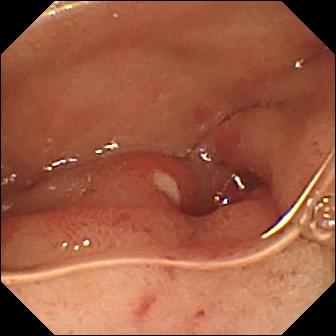- modality: wireless capsule endoscopy
- finding: ulcer